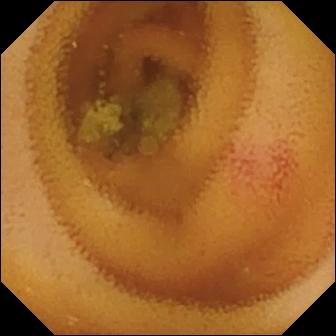Wireless capsule endoscopy snapshot. Angiectasia.